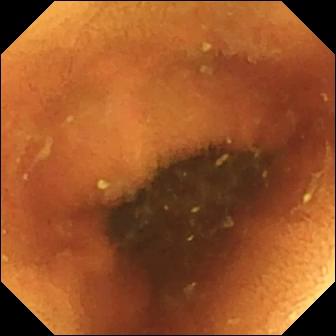Q: What does this wireless capsule endoscopy view of the small bowel show?
A: Normal clean mucosa.